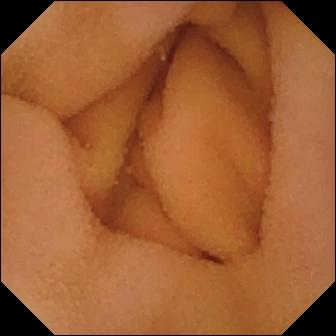- modality: video capsule endoscopy
- segment: small bowel
- finding: normal clean mucosa